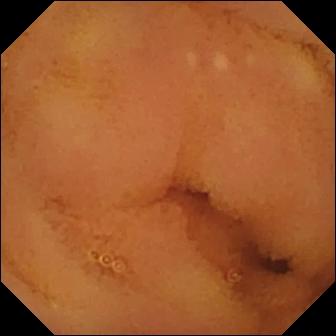modality: VCE; segment: small intestine; category: luminal finding; impression: normal clean mucosa